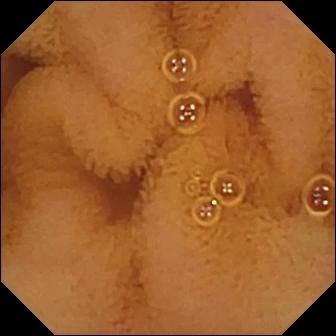Normal clean mucosa.